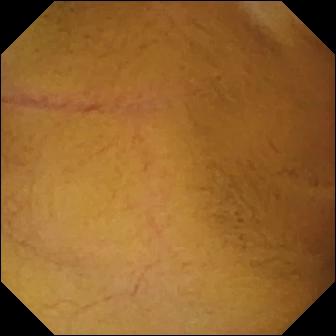Video capsule endoscopy. Luminal finding. Impression: normal clean mucosa.